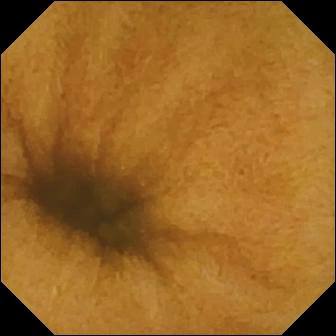WCE. Small bowel. Finding: normal clean mucosa.